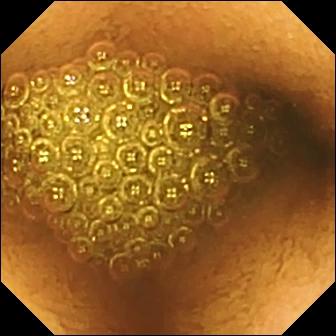This small-bowel capsule endoscopy frame of the small bowel shows reduced mucosal view (content or bubbles obscuring the mucosa).